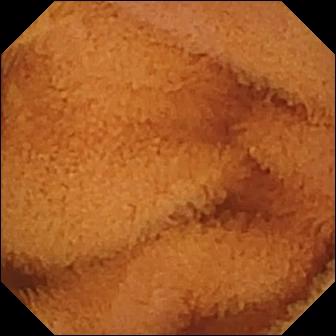Small-bowel capsule endoscopy frame, small bowel
Impression: normal clean mucosa